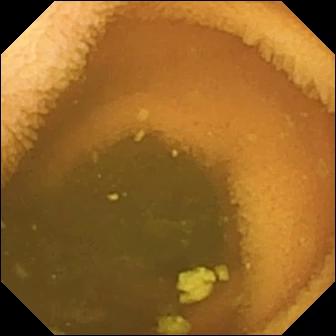Small-bowel capsule endoscopy snapshot, small bowel
Finding: normal clean mucosa